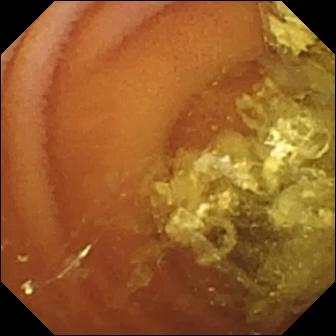VCE — normal clean mucosa.